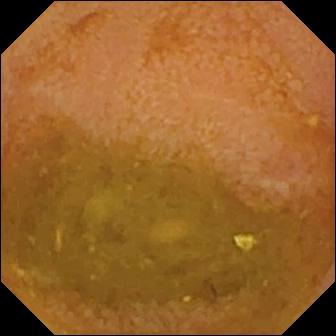Q: What does this small-bowel capsule endoscopy image show?
A: Reduced mucosal view (content or bubbles obscuring the mucosa).